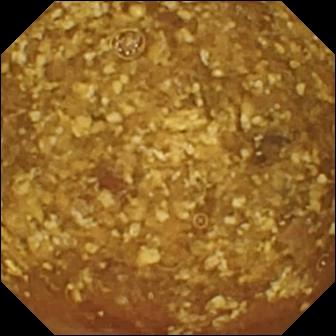Wireless capsule endoscopy view of the small bowel showing reduced mucosal view (content or bubbles obscuring the mucosa).